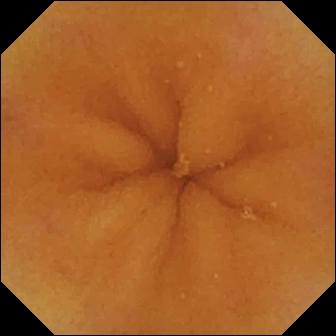- modality: capsule endoscopy
- impression: normal clean mucosa